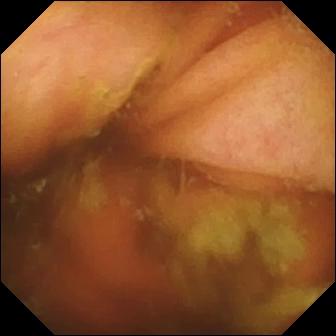- modality: VCE
- label: ileo-cecal valve region (the transition from the small bowel to the large bowel)